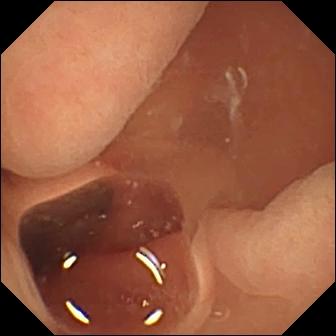modality: WCE; category: luminal finding; label: normal clean mucosa